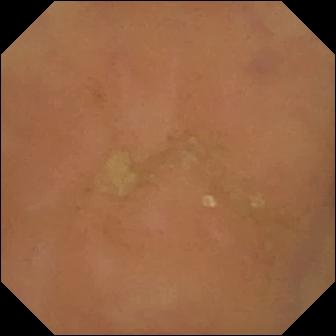Normal clean mucosa — video capsule endoscopy frame of the small bowel.